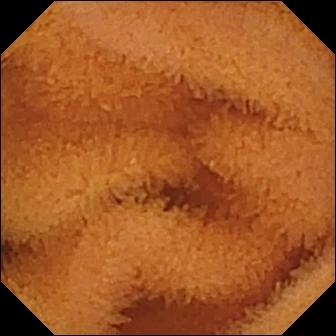Video capsule endoscopy image of the small intestine showing normal clean mucosa.